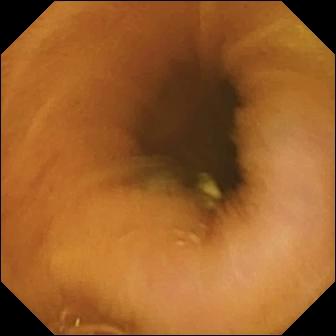Q: What does this small-bowel capsule endoscopy view show?
A: Normal clean mucosa.